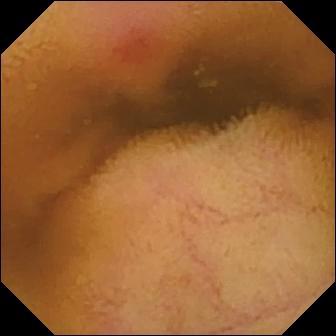Erythema (mucosal redness) — video capsule endoscopy frame.